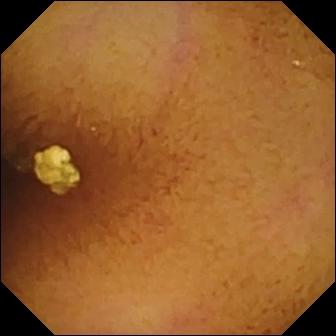Normal clean mucosa — wireless capsule endoscopy snapshot of the small intestine.